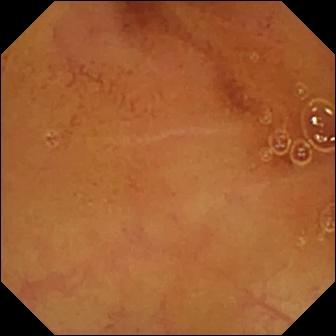- modality: capsule endoscopy
- segment: small intestine
- observation: normal clean mucosa